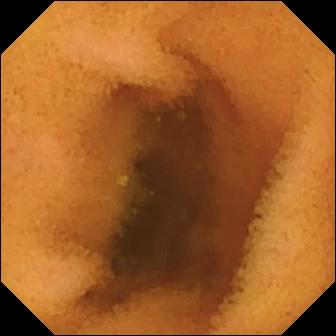Wireless capsule endoscopy snapshot
Label: normal clean mucosa